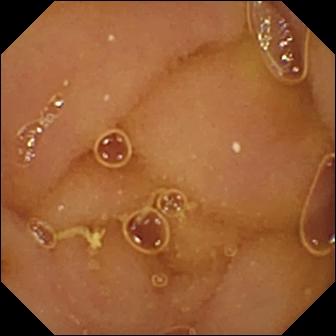WCE view of the small intestine showing normal clean mucosa.